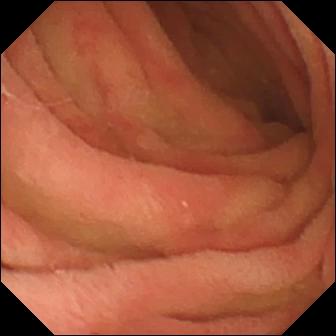modality: WCE; category: anatomical landmark; label: pylorus region (where the capsule passes from the stomach into the small bowel)